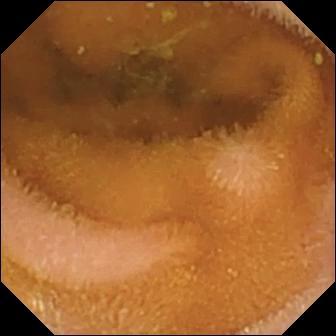WCE view of the small bowel showing normal clean mucosa.